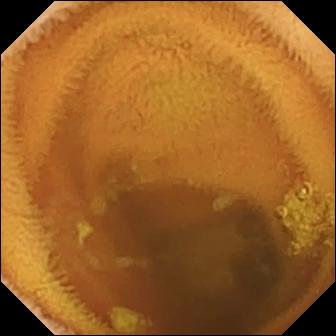WCE snapshot showing normal clean mucosa.